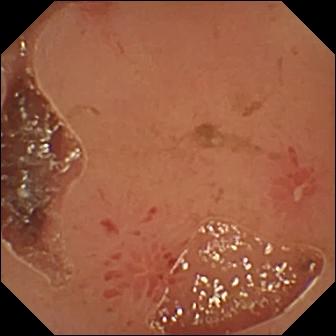Small-bowel capsule endoscopy — erosion.